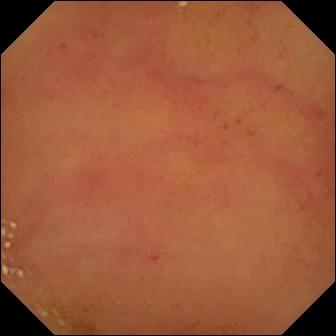VCE. Impression: normal clean mucosa.